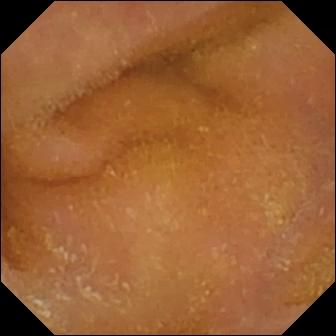PROCEDURE: VCE.
FINDINGS: Normal clean mucosa.